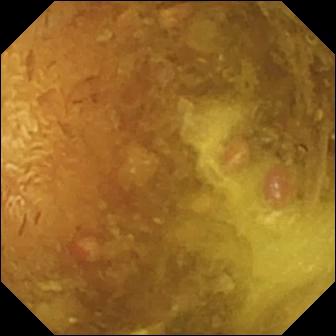- modality: WCE
- segment: small intestine
- label: reduced mucosal view (content or bubbles obscuring the mucosa)